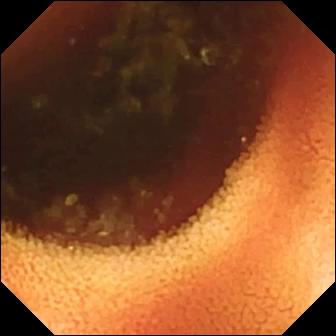Wireless capsule endoscopy — ileo-cecal valve region (where the capsule passes from the small bowel into the large bowel).